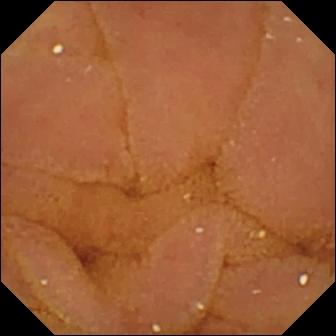- modality: video capsule endoscopy
- observation: normal clean mucosa